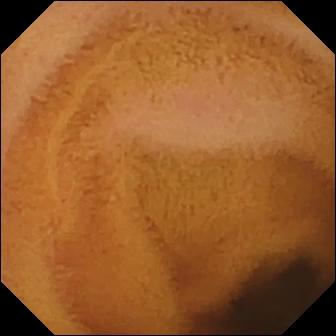VCE snapshot of the small bowel showing normal clean mucosa.